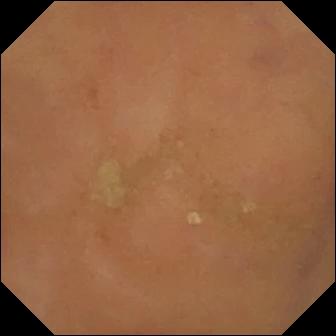VCE. Impression: normal clean mucosa.